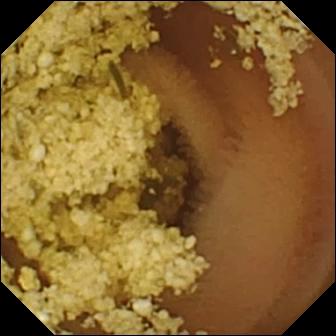Q: What does this small-bowel capsule endoscopy view of the small bowel show?
A: Normal clean mucosa.